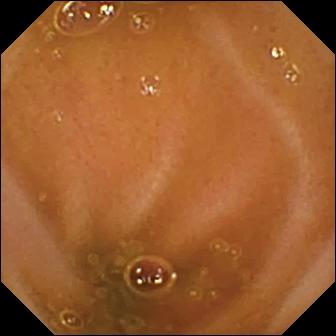This VCE image was taken in the ileo-cecal valve region.